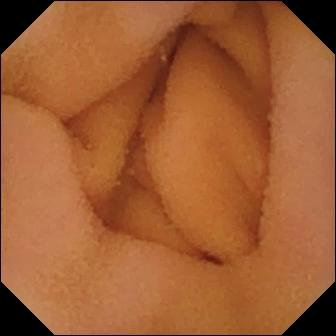Normal clean mucosa — capsule endoscopy image.